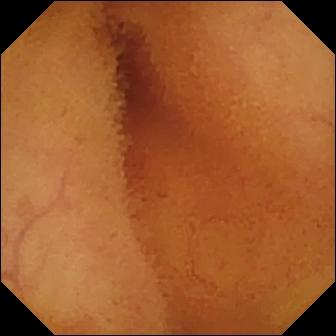Small-bowel capsule endoscopy view (small bowel), 336×336. Normal clean mucosa.